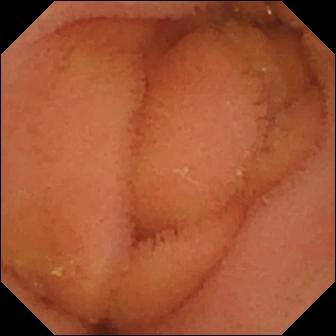{"modality": "capsule endoscopy", "segment": "small intestine", "finding": "normal clean mucosa"}